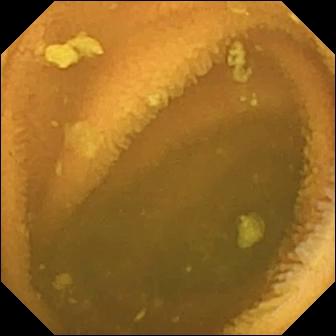Normal clean mucosa.